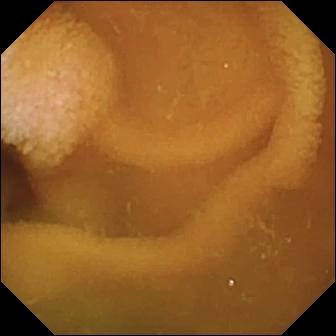VCE. Luminal finding. Finding: normal clean mucosa.